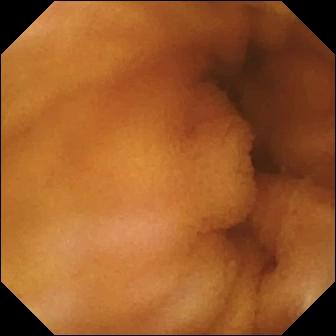Wireless capsule endoscopy still showing normal clean mucosa.